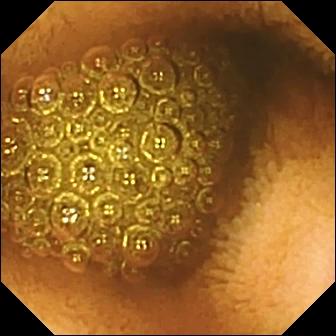modality: VCE; impression: reduced mucosal view (content or bubbles obscuring the mucosa)